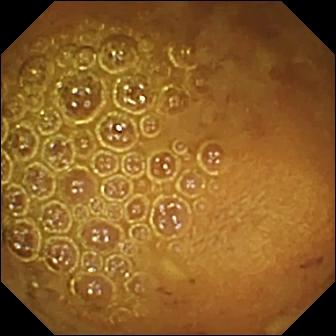Wireless capsule endoscopy — reduced mucosal view (content or bubbles obscuring the mucosa).